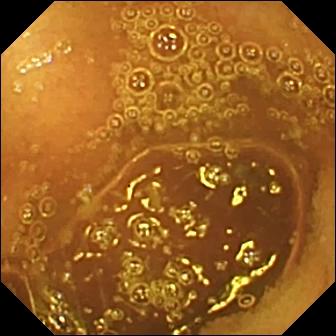PROCEDURE: Wireless capsule endoscopy.
FINDINGS: Normal clean mucosa.